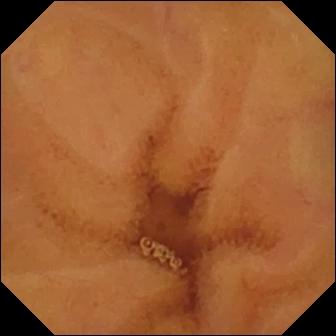PROCEDURE: WCE.
FINDINGS: Normal clean mucosa.